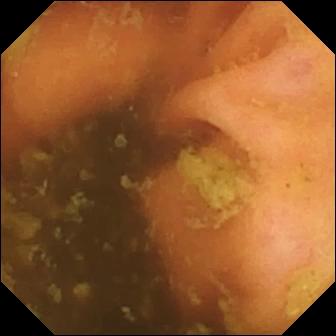Small-bowel capsule endoscopy snapshot taken in the ileo-cecal valve region (where the capsule passes from the small bowel into the large bowel).